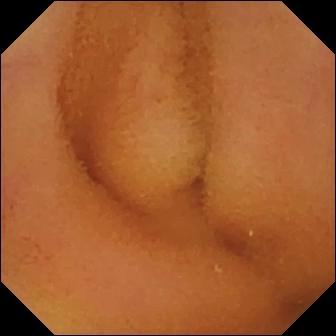modality: small-bowel capsule endoscopy; impression: normal clean mucosa